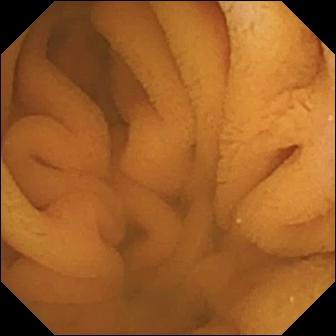modality: WCE
category: luminal finding
finding: normal clean mucosa